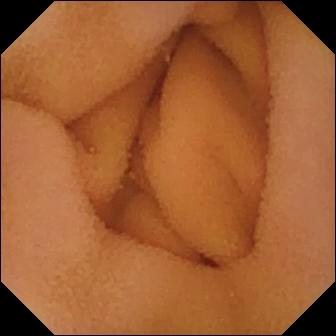Small-bowel capsule endoscopy — normal clean mucosa.